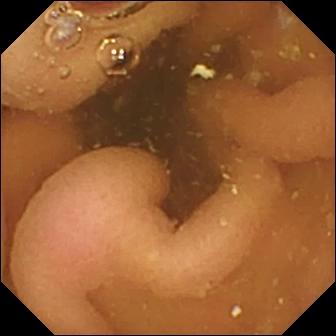Small-bowel capsule endoscopy frame taken in the pylorus region.